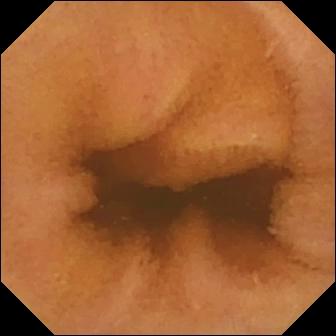modality: small-bowel capsule endoscopy; segment: small intestine; impression: normal clean mucosa